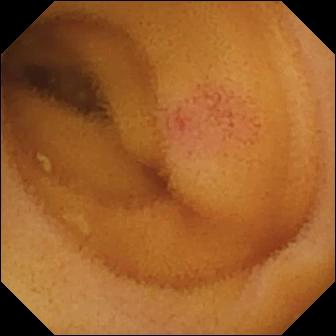PROCEDURE: WCE.
FINDINGS: Angiectasia.